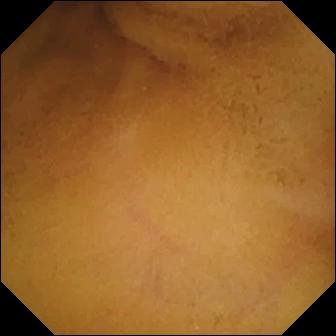modality: small-bowel capsule endoscopy
segment: small intestine
category: luminal finding
observation: normal clean mucosa